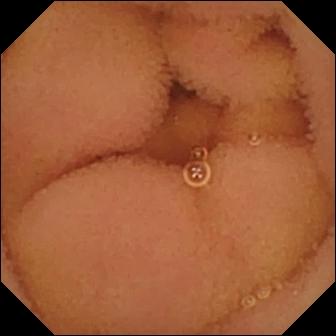Normal clean mucosa — capsule endoscopy image.